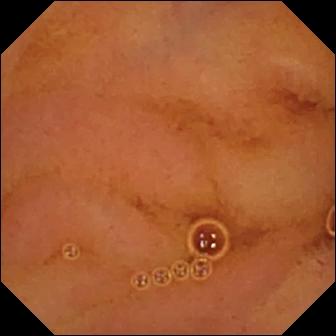Capsule endoscopy. Luminal finding. Label: normal clean mucosa.